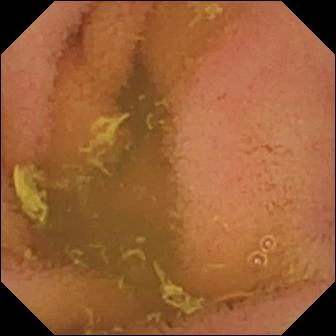PROCEDURE: Small-bowel capsule endoscopy.
FINDINGS: Normal clean mucosa.